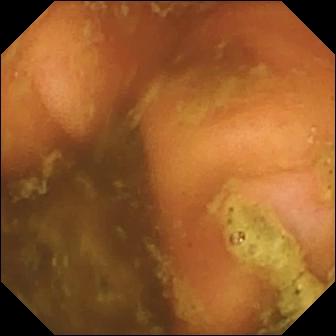- modality: video capsule endoscopy
- location: ileo-cecal valve region (where the capsule passes from the small bowel into the large bowel)